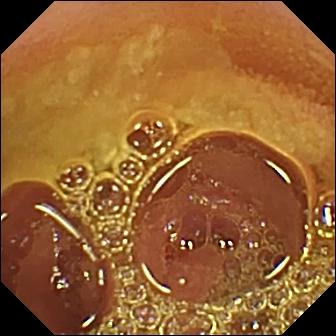Small-bowel capsule endoscopy still, small bowel
Label: normal clean mucosa